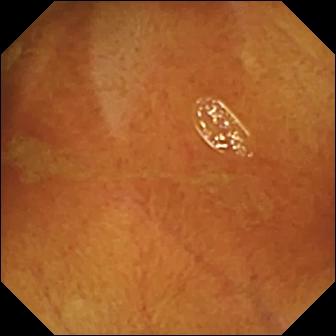modality: small-bowel capsule endoscopy; segment: small bowel; impression: normal clean mucosa